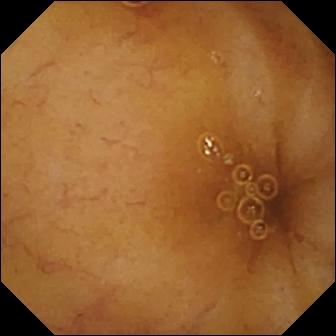Q: Where in the digestive tract was this VCE frame taken?
A: Ileo-cecal valve region.